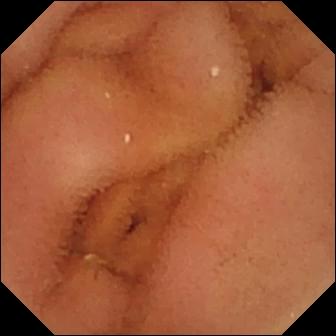modality: small-bowel capsule endoscopy | segment: small bowel | category: luminal finding | observation: normal clean mucosa